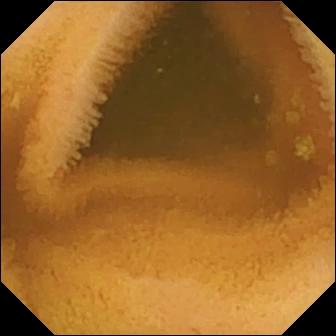Normal clean mucosa — VCE still.